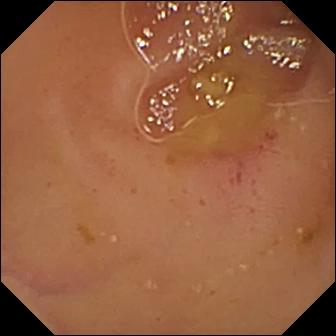Video capsule endoscopy snapshot showing erythema (mucosal redness).